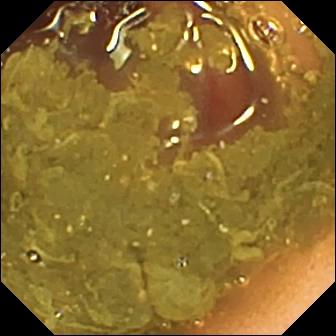Wireless capsule endoscopy view taken in the ileo-cecal valve region (where the capsule passes from the small bowel into the large bowel).